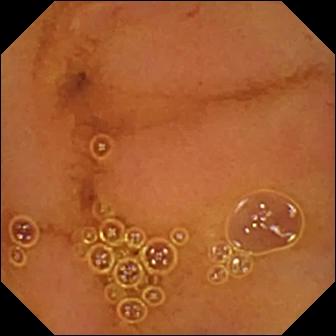This video capsule endoscopy view of the small intestine shows normal clean mucosa.